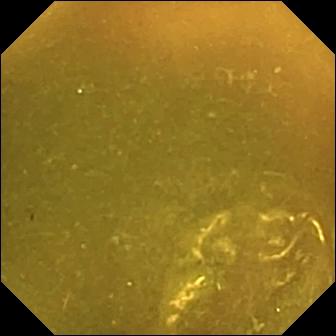Capsule endoscopy view
Label: ileo-cecal valve region (the transition from the small bowel to the large bowel)